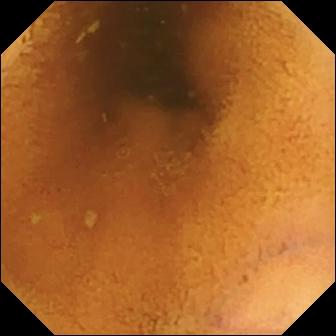modality: WCE
segment: small intestine
category: luminal finding
label: normal clean mucosa